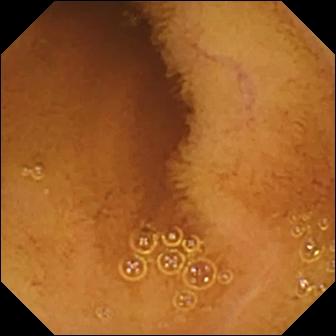Q: What does this small-bowel capsule endoscopy still of the small bowel show?
A: Normal clean mucosa.